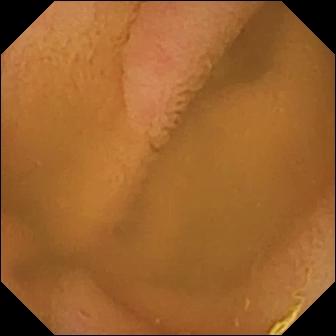Small-bowel capsule endoscopy view. Normal clean mucosa.